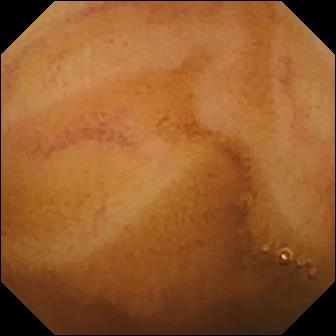modality: wireless capsule endoscopy; segment: small intestine; observation: normal clean mucosa